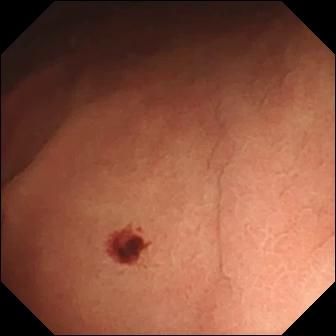- modality: video capsule endoscopy
- category: luminal finding
- impression: angiectasia